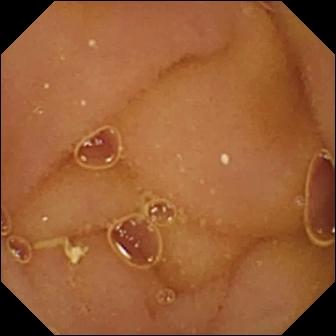Q: What does this video capsule endoscopy frame show?
A: Normal clean mucosa.